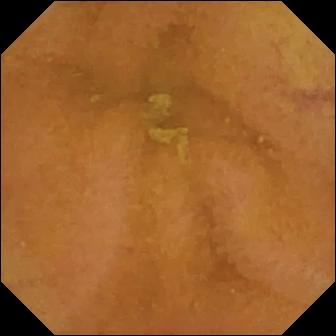This capsule endoscopy still of the small bowel shows normal clean mucosa.